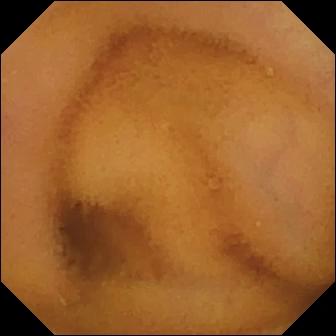modality: WCE
segment: small intestine
finding: normal clean mucosa